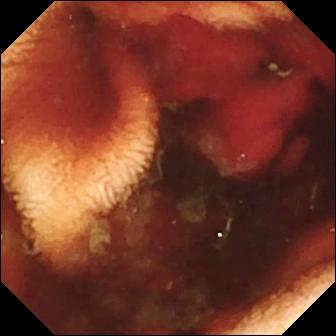Fresh blood in the lumen (336×336).